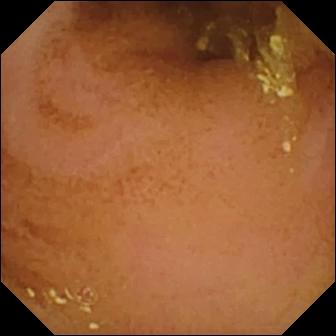- modality: WCE
- observation: normal clean mucosa